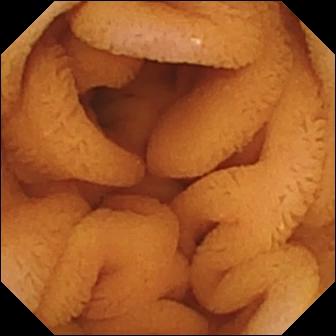- modality: WCE
- category: luminal finding
- label: normal clean mucosa